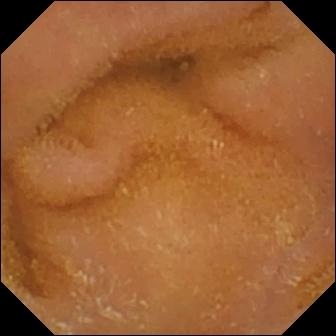WCE. Small bowel. Impression: normal clean mucosa.